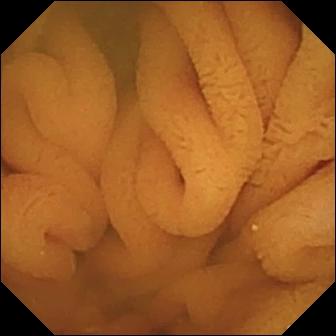- modality: video capsule endoscopy
- segment: small intestine
- category: luminal finding
- impression: normal clean mucosa